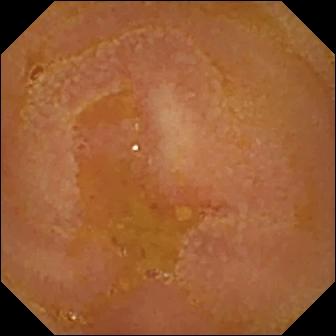Reduced mucosal view (content or bubbles obscuring the mucosa) (336×336).